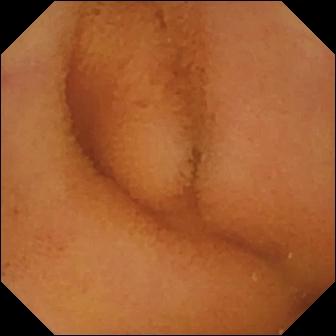WCE frame, small bowel
Observation: normal clean mucosa